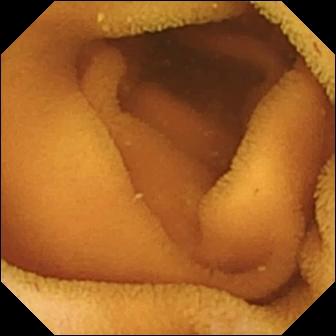PROCEDURE: Wireless capsule endoscopy.
SEGMENT: Small intestine.
FINDINGS: Normal clean mucosa.